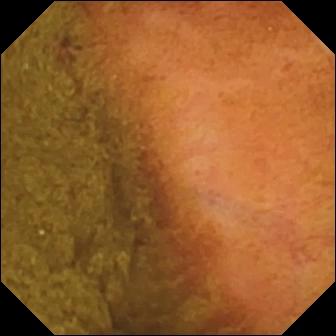This capsule endoscopy image was taken in the ileo-cecal valve region (where the capsule passes from the small bowel into the large bowel).